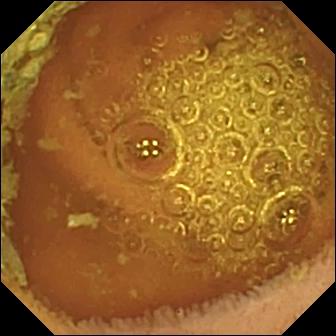Normal clean mucosa — VCE view of the small intestine.